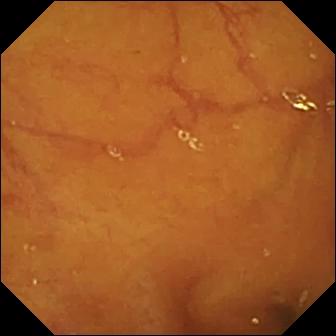Ileo-cecal valve region.